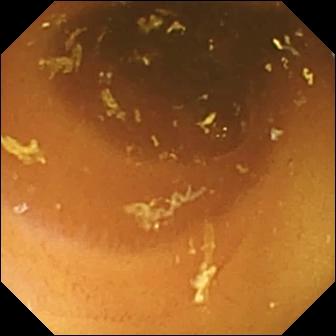PROCEDURE: Small-bowel capsule endoscopy.
SEGMENT: Small bowel.
FINDINGS: Normal clean mucosa.